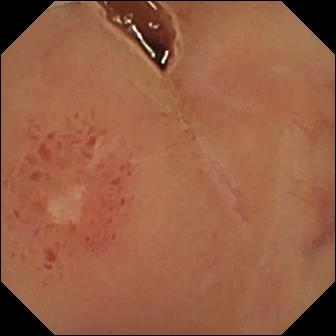PROCEDURE: Wireless capsule endoscopy.
FINDINGS: Ulcer.